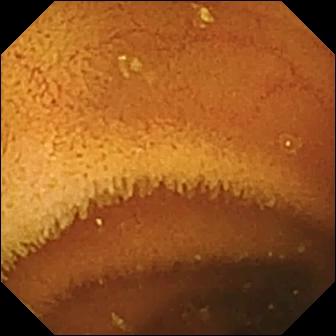Video capsule endoscopy image of the small bowel showing normal clean mucosa.